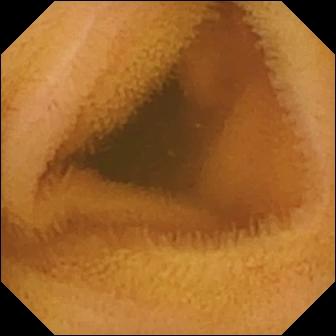Normal clean mucosa — WCE snapshot.